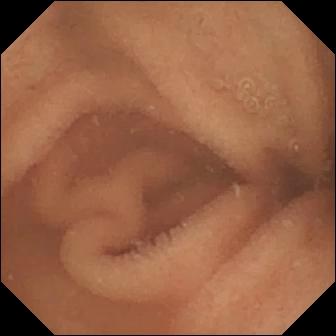modality: video capsule endoscopy
finding: normal clean mucosa